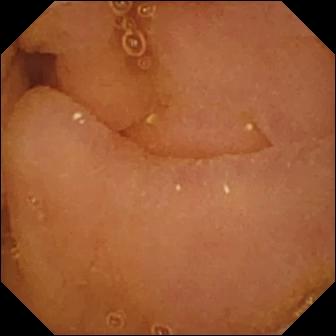{"modality": "VCE", "segment": "small intestine", "finding": "normal clean mucosa"}